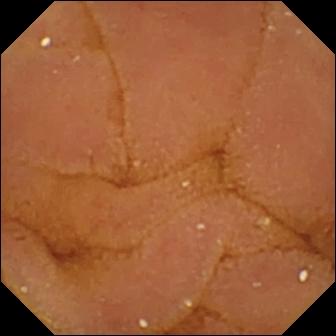modality: capsule endoscopy; segment: small intestine; finding: normal clean mucosa